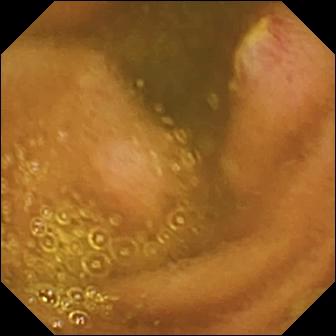WCE. Luminal finding. Label: ulcer.